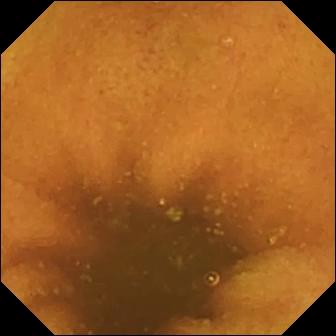Normal clean mucosa.